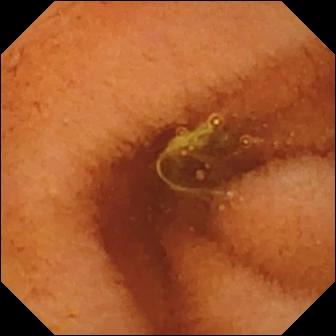{"modality": "wireless capsule endoscopy", "segment": "small intestine", "finding": "normal clean mucosa"}